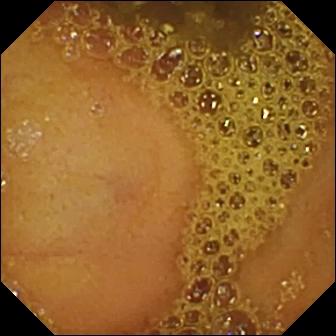This VCE view was taken in the ileo-cecal valve region (where the capsule passes from the small bowel into the large bowel).